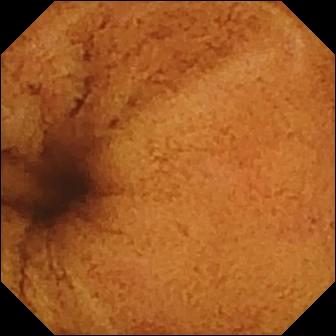Normal clean mucosa.